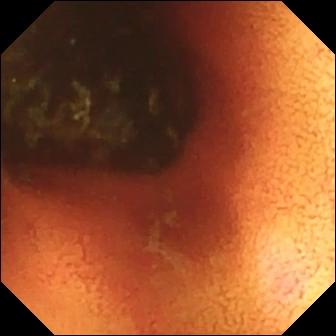Ileo-cecal valve region, 336×336.